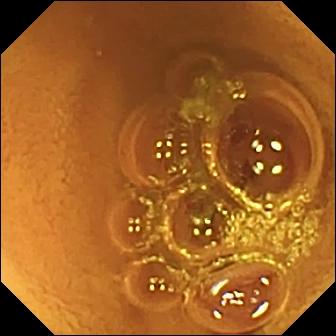PROCEDURE: Capsule endoscopy.
FINDINGS: Normal clean mucosa.